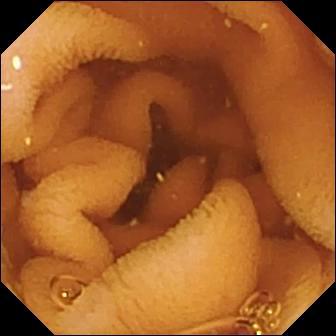Small-bowel capsule endoscopy still of the small bowel showing normal clean mucosa.